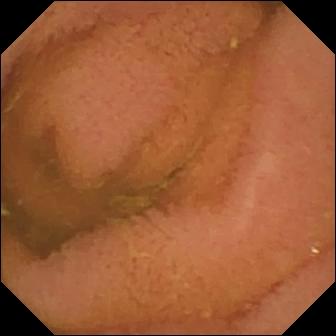Wireless capsule endoscopy. Small bowel. Observation: normal clean mucosa.